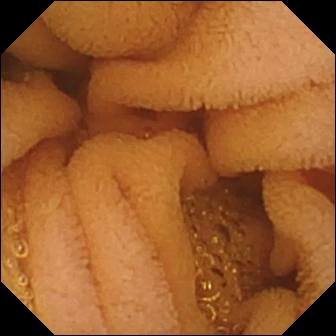Small-bowel capsule endoscopy — normal clean mucosa.